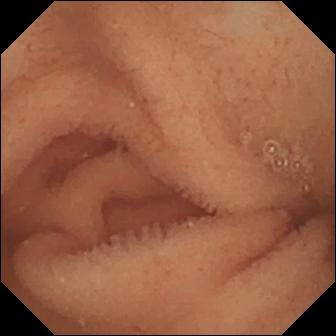Normal clean mucosa — video capsule endoscopy view.